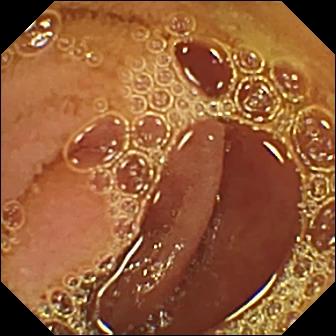modality: wireless capsule endoscopy; finding: normal clean mucosa